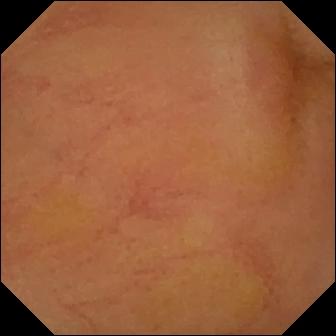Q: What does this video capsule endoscopy frame show?
A: Erythema (mucosal redness).